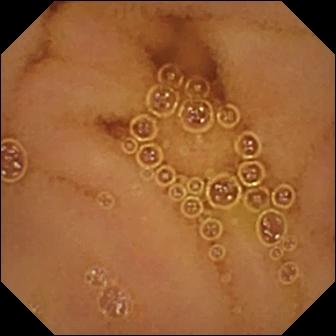WCE — normal clean mucosa.